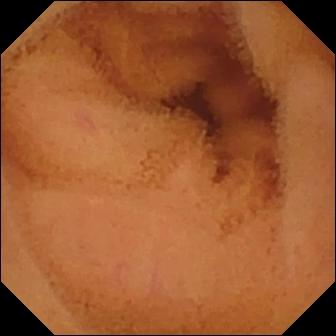Video capsule endoscopy view. Normal clean mucosa.